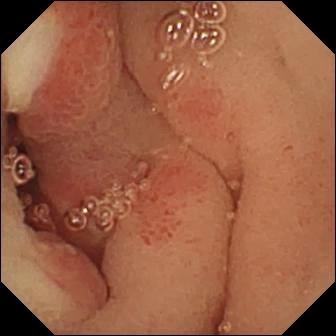modality: wireless capsule endoscopy
label: ulcer